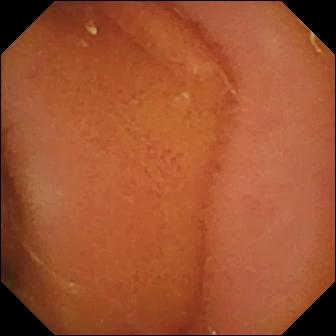WCE view showing normal clean mucosa.